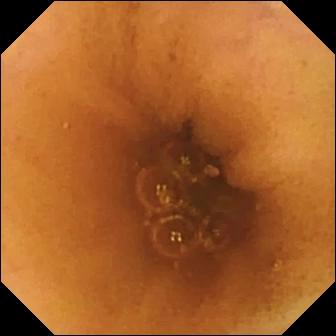VCE snapshot
Label: normal clean mucosa